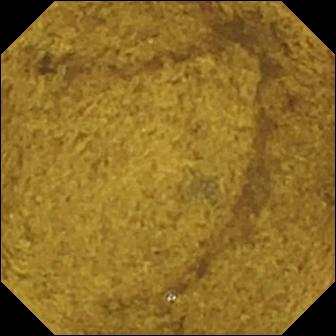Capsule endoscopy frame taken in the ileo-cecal valve region (the transition from the small bowel to the large bowel).